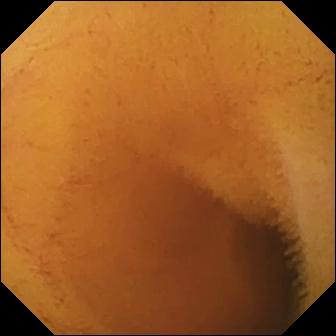PROCEDURE: Video capsule endoscopy.
FINDINGS: Normal clean mucosa.